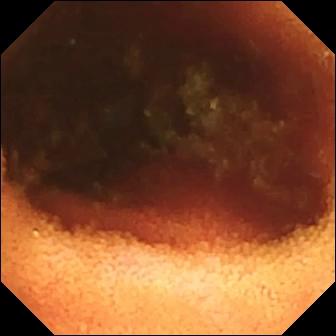- modality: WCE
- location: ileo-cecal valve region (the transition from the small bowel to the large bowel)